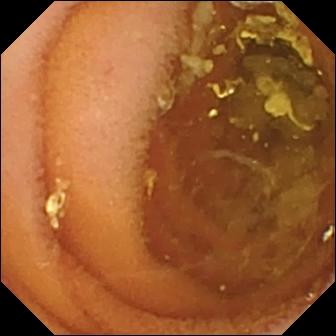This video capsule endoscopy snapshot of the small bowel shows normal clean mucosa.